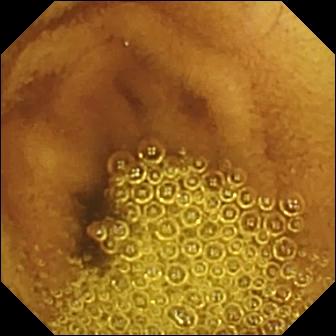Capsule endoscopy view, small intestine
Finding: normal clean mucosa